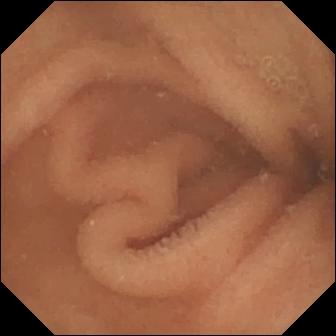PROCEDURE: Small-bowel capsule endoscopy.
FINDINGS: Normal clean mucosa.